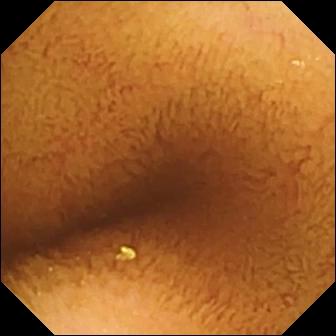This video capsule endoscopy still shows normal clean mucosa.